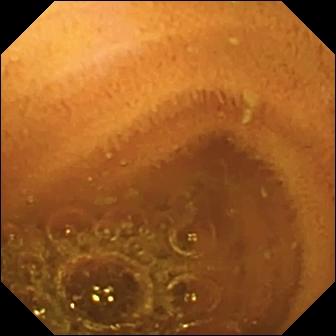Normal clean mucosa.